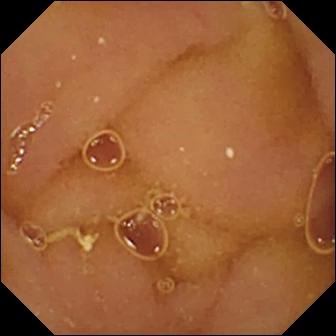modality: VCE | finding: normal clean mucosa